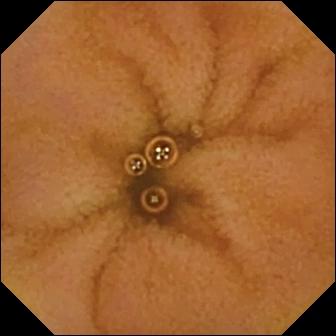Normal clean mucosa — WCE image of the small intestine.